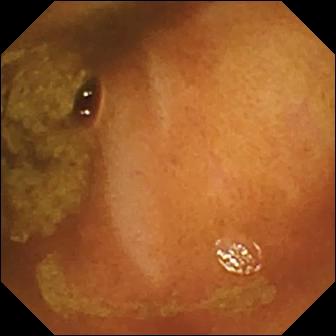WCE — normal clean mucosa.